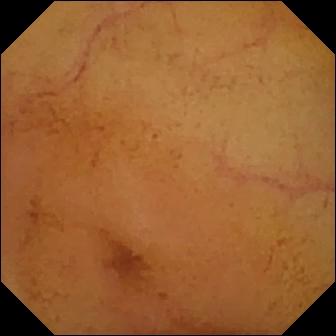Small-bowel capsule endoscopy view of the small bowel showing normal clean mucosa.